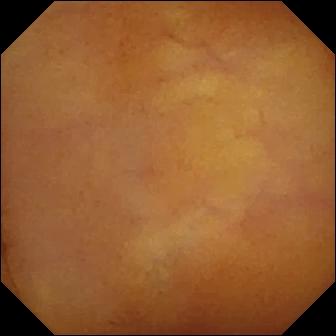Capsule endoscopy — normal clean mucosa.